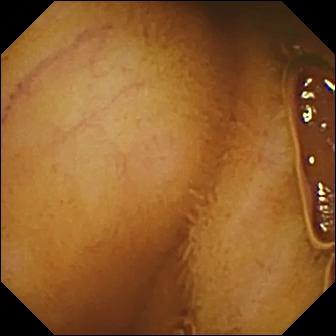- modality: VCE
- category: luminal finding
- finding: normal clean mucosa